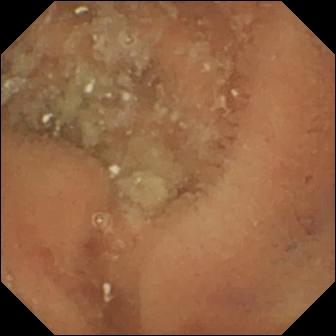Small-bowel capsule endoscopy image showing normal clean mucosa.